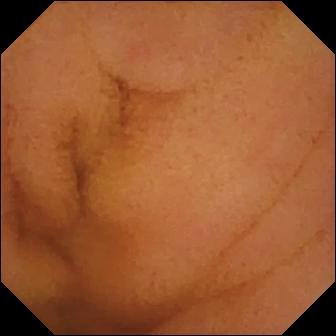WCE snapshot showing normal clean mucosa.